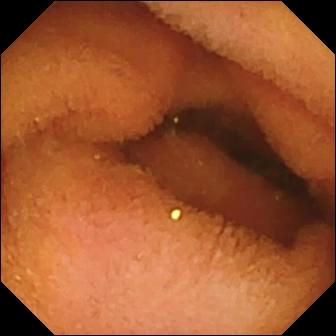Normal clean mucosa — capsule endoscopy snapshot.